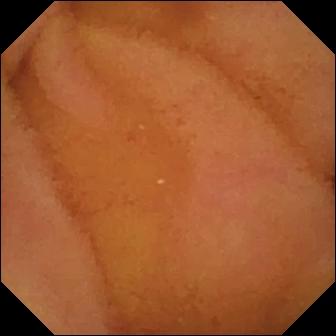Small-bowel capsule endoscopy. Small bowel. Impression: normal clean mucosa.